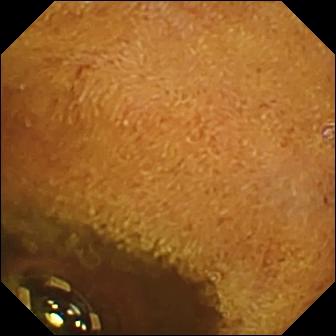This wireless capsule endoscopy still shows foreign body (e.g. retained capsule, tablet residue).